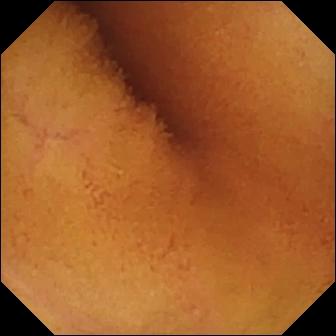Small-bowel capsule endoscopy. Small bowel. Label: normal clean mucosa.